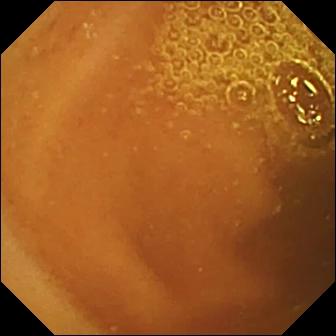- modality: VCE
- segment: small intestine
- label: normal clean mucosa